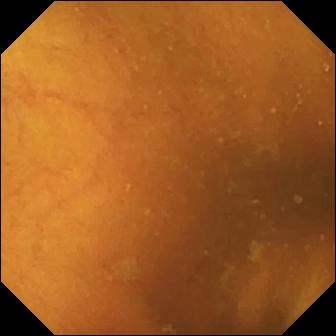Wireless capsule endoscopy — normal clean mucosa.